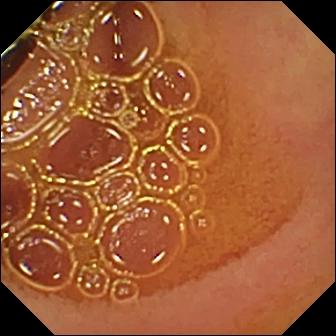Normal clean mucosa — capsule endoscopy still of the small bowel.